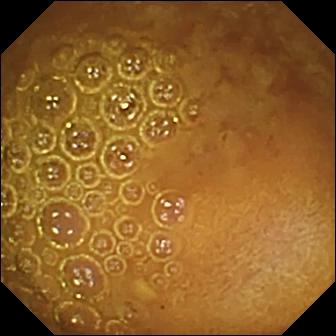PROCEDURE: Small-bowel capsule endoscopy.
FINDINGS: Reduced mucosal view (content or bubbles obscuring the mucosa).